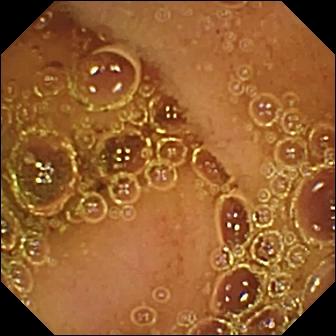VCE frame
Impression: normal clean mucosa